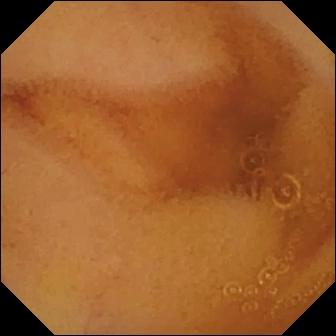Capsule endoscopy — normal clean mucosa.